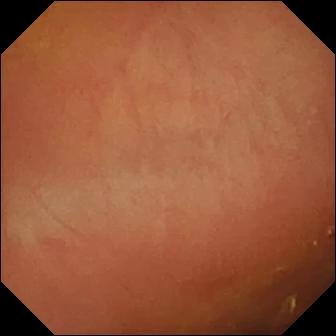Wireless capsule endoscopy — normal clean mucosa.